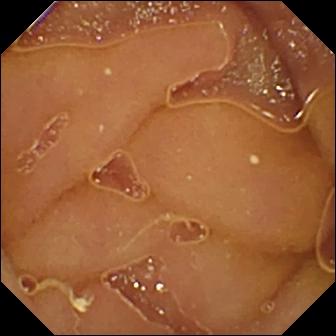Q: What does this video capsule endoscopy frame show?
A: Normal clean mucosa.